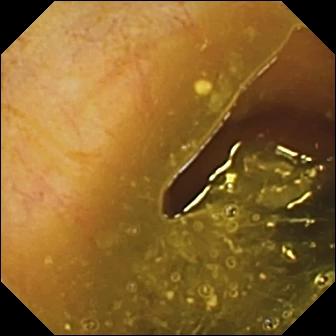Ileo-cecal valve region (where the capsule passes from the small bowel into the large bowel) — capsule endoscopy image.